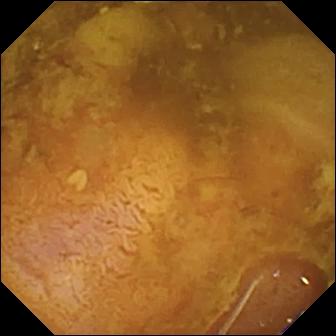Wireless capsule endoscopy image. Reduced mucosal view (content or bubbles obscuring the mucosa).